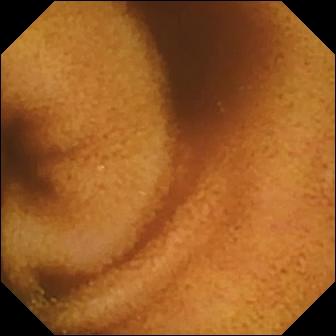This VCE frame of the small bowel shows normal clean mucosa.